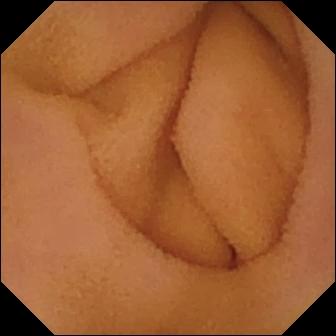PROCEDURE: Video capsule endoscopy.
FINDINGS: Normal clean mucosa.